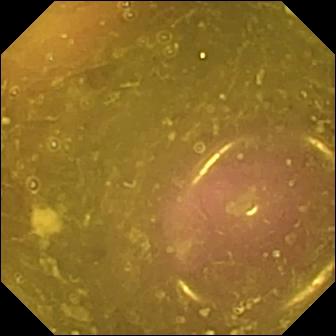WCE still of the small intestine showing reduced mucosal view (content or bubbles obscuring the mucosa).